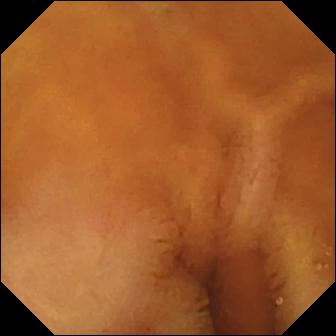Normal clean mucosa (336×336).